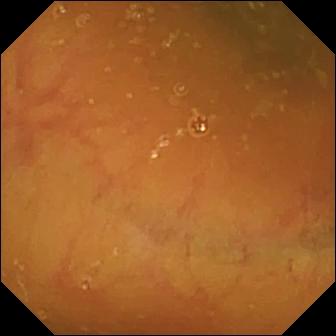modality: video capsule endoscopy
video segment: ileo-cecal valve region (where the capsule passes from the small bowel into the large bowel)